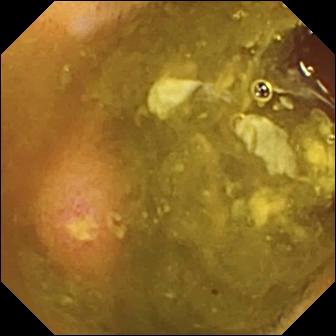Capsule endoscopy still showing ulcer.